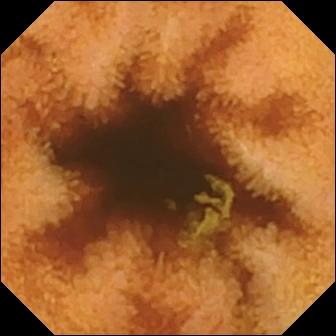WCE. Small bowel. Observation: normal clean mucosa.